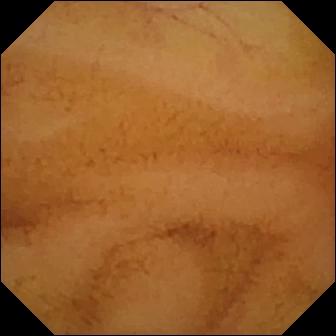Wireless capsule endoscopy view of the small intestine showing normal clean mucosa.